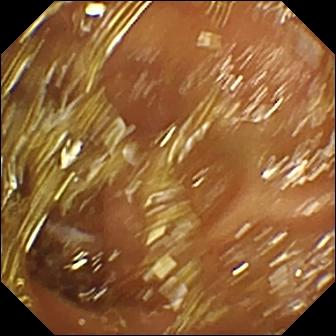{"modality": "VCE", "category": "luminal finding", "finding": "normal clean mucosa"}